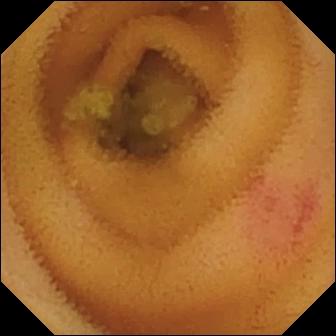Capsule endoscopy still showing angiectasia.